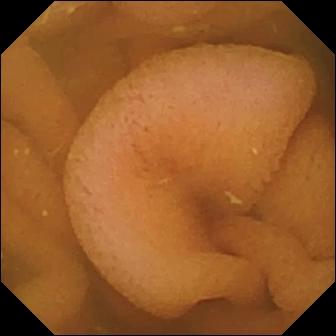Q: What does this capsule endoscopy snapshot of the small intestine show?
A: Normal clean mucosa.